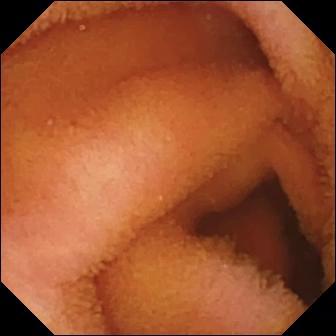{"modality": "video capsule endoscopy", "finding": "normal clean mucosa"}